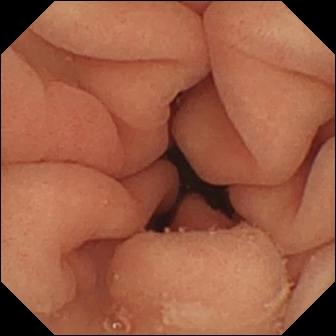- modality: VCE
- position: pylorus region (the junction between the stomach and the small bowel)